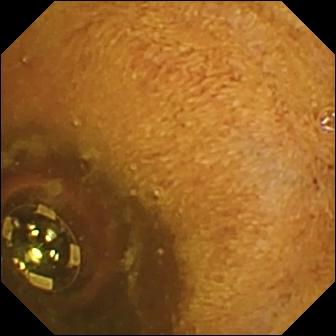Q: What does this VCE snapshot show?
A: Foreign body (e.g. retained capsule, tablet residue).